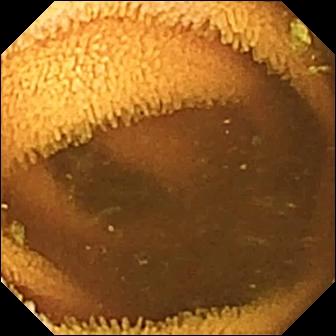This video capsule endoscopy view of the small bowel shows normal clean mucosa.